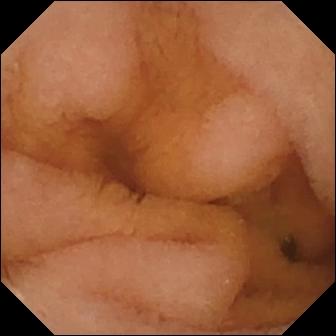VCE — normal clean mucosa.